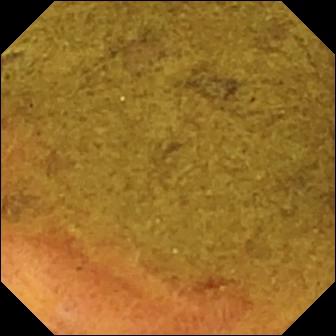VCE. Near an anatomical landmark. Video segment: ileo-cecal valve region.